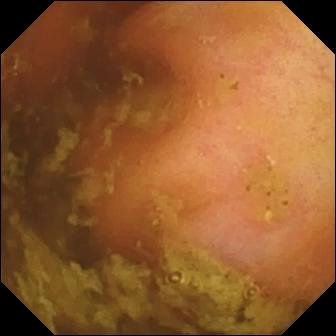modality: WCE | position: ileo-cecal valve region (the transition from the small bowel to the large bowel)